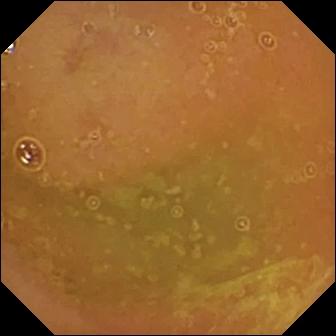WCE. Finding: normal clean mucosa.